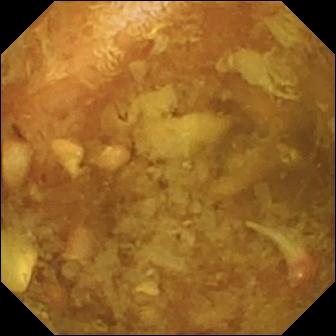VCE frame of the small bowel showing reduced mucosal view (content or bubbles obscuring the mucosa).